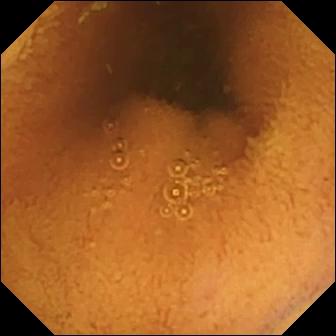This capsule endoscopy image of the small intestine shows normal clean mucosa.